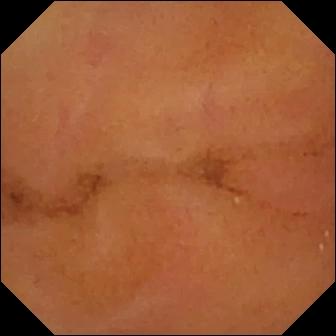Normal clean mucosa — video capsule endoscopy frame.